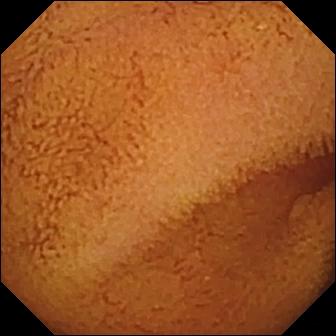WCE. Small bowel. Finding: normal clean mucosa.